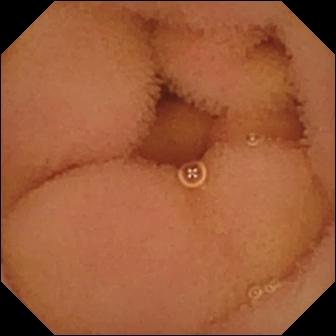Wireless capsule endoscopy — normal clean mucosa.